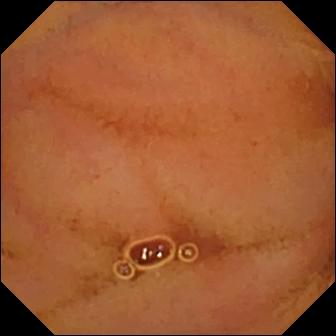This video capsule endoscopy still of the small intestine shows normal clean mucosa.